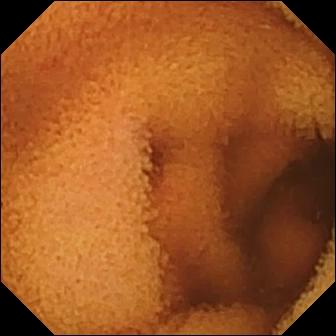modality: VCE
segment: small bowel
finding: normal clean mucosa